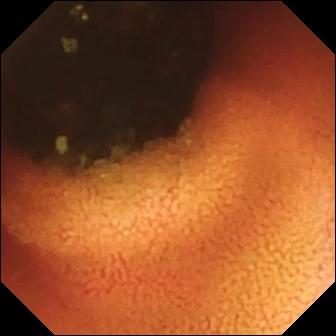{"modality": "small-bowel capsule endoscopy", "video_segment": "ileo-cecal valve region"}